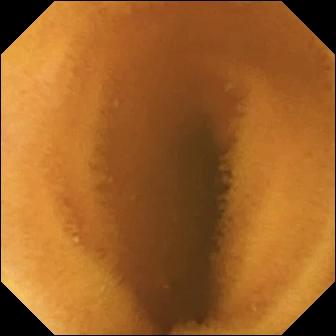- modality: video capsule endoscopy
- segment: small intestine
- label: normal clean mucosa